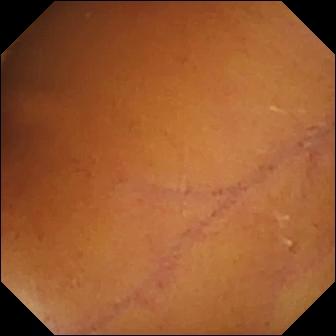modality: small-bowel capsule endoscopy; label: normal clean mucosa